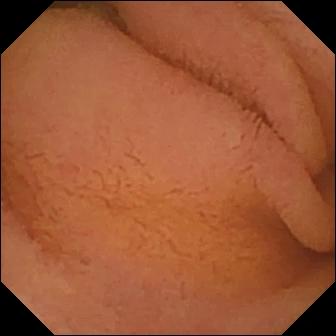{"modality": "WCE", "segment": "small bowel", "category": "luminal finding", "finding": "normal clean mucosa"}